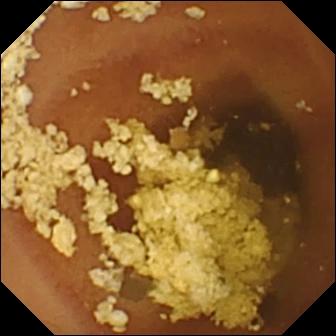VCE still, 336×336. Normal clean mucosa.